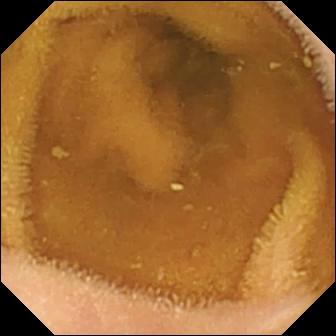{"modality": "wireless capsule endoscopy", "segment": "small intestine", "finding": "normal clean mucosa"}